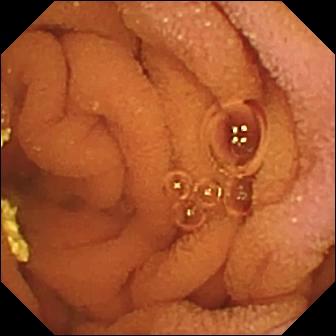Normal clean mucosa — WCE view of the small bowel.